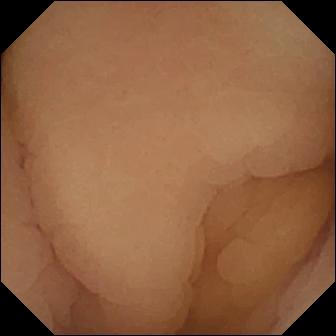- modality: WCE
- location: pylorus region (where the capsule passes from the stomach into the small bowel)